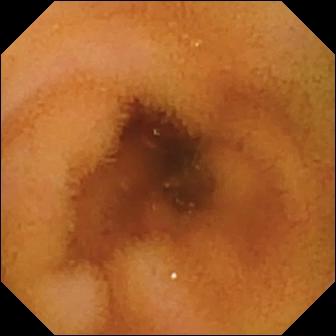Normal clean mucosa — capsule endoscopy frame of the small intestine.